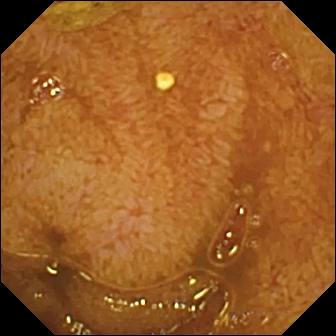Small-bowel capsule endoscopy — ileo-cecal valve region.